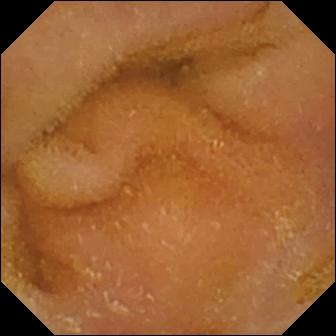Small-bowel capsule endoscopy frame (small bowel), 336×336. Normal clean mucosa.